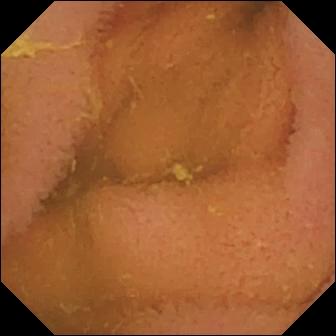Wireless capsule endoscopy snapshot. Normal clean mucosa.